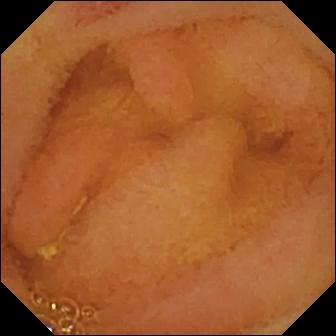Erosion (336×336).